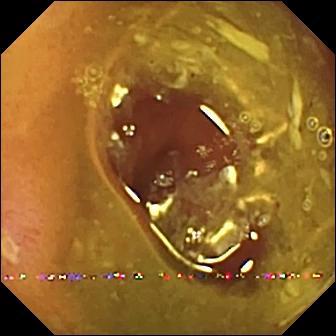modality: small-bowel capsule endoscopy; category: luminal finding; label: ulcer